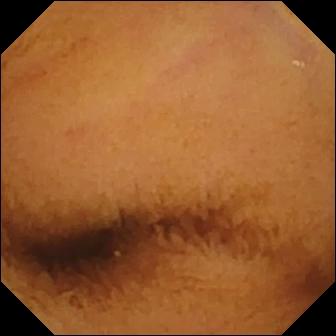modality: VCE
category: luminal finding
label: normal clean mucosa